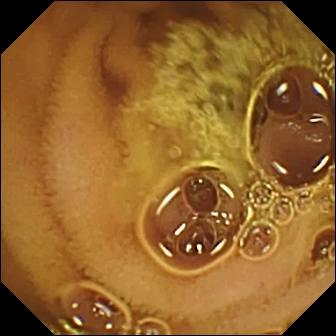Capsule endoscopy snapshot showing normal clean mucosa.